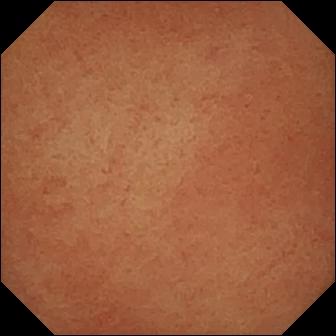Wireless capsule endoscopy. Location: pylorus region (where the capsule passes from the stomach into the small bowel).